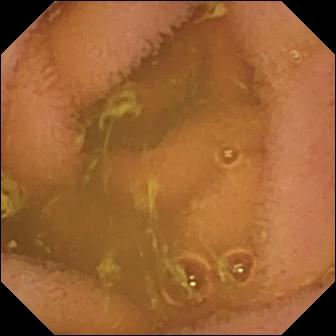Normal clean mucosa.